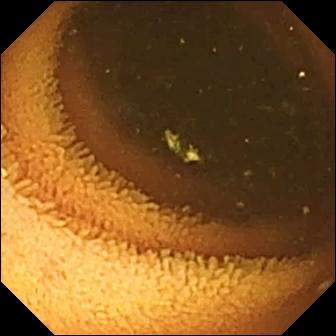modality: wireless capsule endoscopy | impression: normal clean mucosa